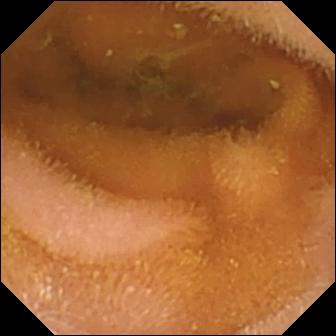modality: WCE
segment: small bowel
observation: normal clean mucosa